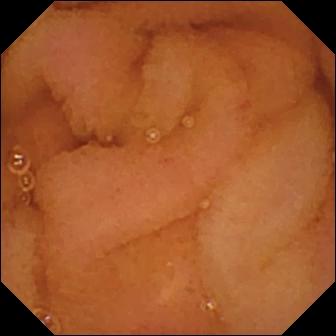VCE image of the small intestine showing normal clean mucosa.